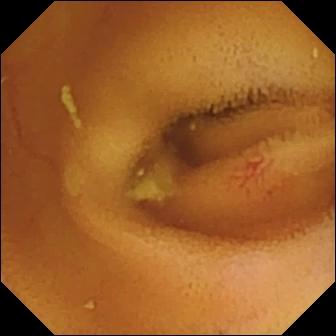Angiectasia — VCE view.